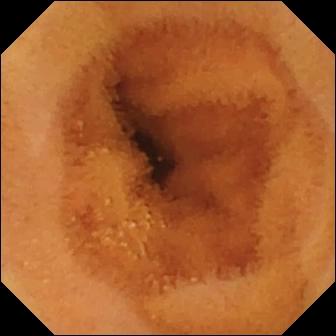VCE image
Label: normal clean mucosa